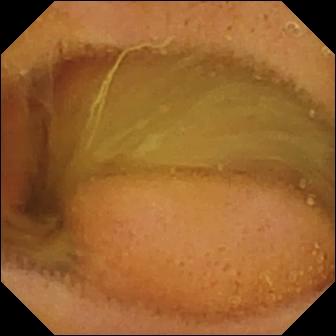This video capsule endoscopy still of the small bowel shows normal clean mucosa.